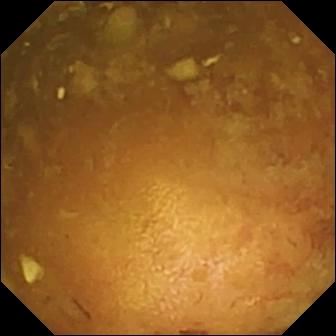- modality: VCE
- segment: small bowel
- category: luminal finding
- impression: reduced mucosal view (content or bubbles obscuring the mucosa)